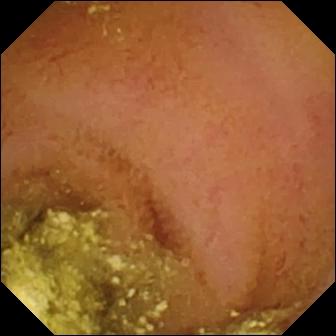Normal clean mucosa (336×336).